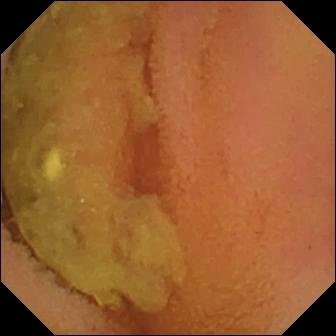Video capsule endoscopy image
Observation: normal clean mucosa